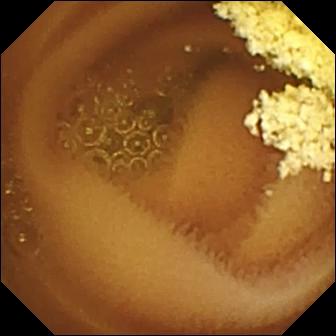- modality: small-bowel capsule endoscopy
- observation: normal clean mucosa